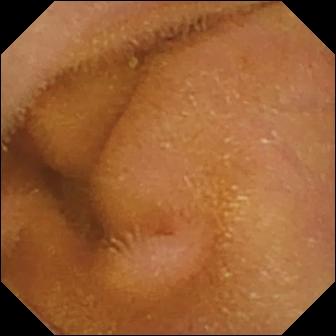PROCEDURE: Video capsule endoscopy.
FINDINGS: Normal clean mucosa.